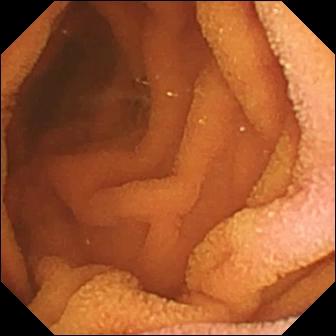Wireless capsule endoscopy still. Normal clean mucosa.